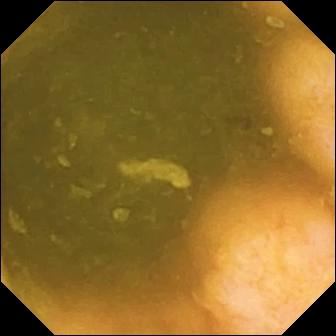PROCEDURE: Wireless capsule endoscopy.
POSITION: Ileo-cecal valve region (where the capsule passes from the small bowel into the large bowel).